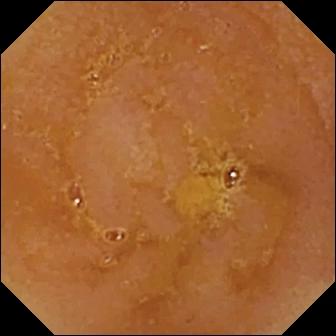Reduced mucosal view (content or bubbles obscuring the mucosa).